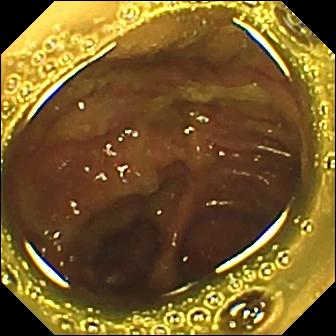Q: Where in the digestive tract was this WCE still taken?
A: Ileo-cecal valve region.